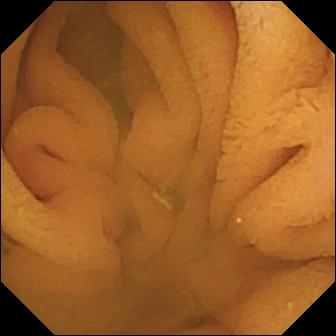PROCEDURE: VCE.
SEGMENT: Small intestine.
FINDINGS: Normal clean mucosa.